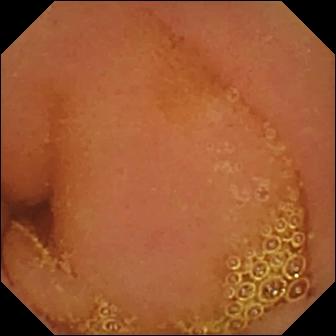PROCEDURE: Wireless capsule endoscopy.
FINDINGS: Normal clean mucosa.